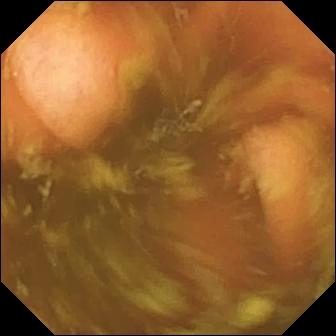VCE view
Position: ileo-cecal valve region (where the capsule passes from the small bowel into the large bowel)